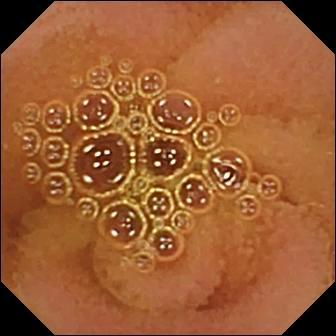Capsule endoscopy snapshot. Normal clean mucosa.